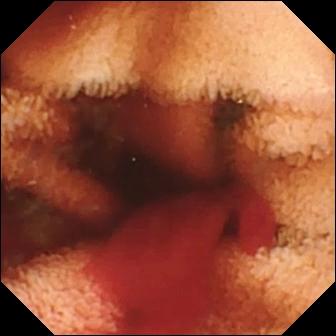PROCEDURE: Wireless capsule endoscopy.
FINDINGS: Fresh blood in the lumen.